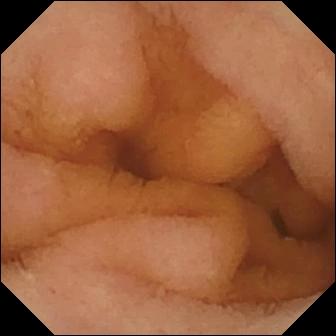This video capsule endoscopy still of the small intestine shows normal clean mucosa.